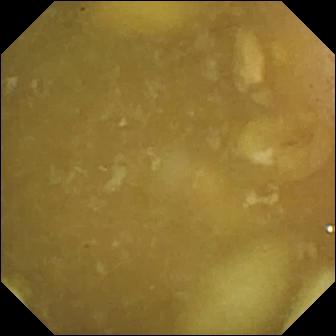PROCEDURE: Video capsule endoscopy.
POSITION: Ileo-cecal valve region (the transition from the small bowel to the large bowel).